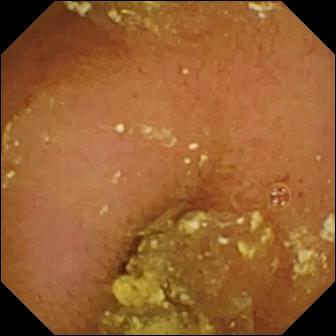{"modality": "WCE", "finding": "normal clean mucosa"}